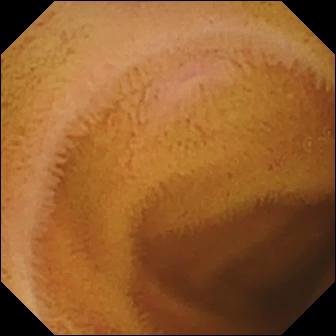{"modality": "video capsule endoscopy", "category": "luminal finding", "finding": "normal clean mucosa"}